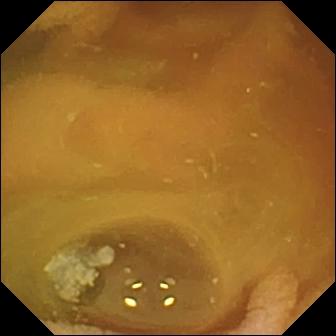Wireless capsule endoscopy. Finding: normal clean mucosa.